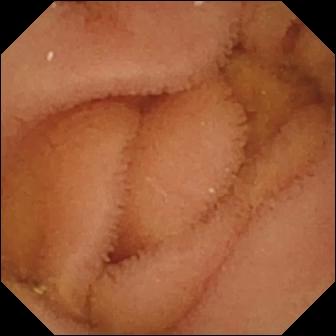modality: video capsule endoscopy | segment: small intestine | finding: normal clean mucosa